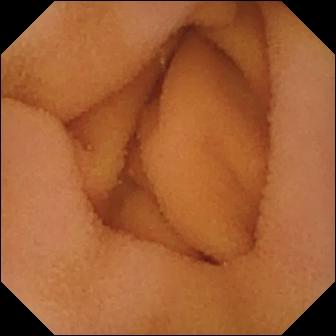PROCEDURE: WCE.
SEGMENT: Small intestine.
FINDINGS: Normal clean mucosa.